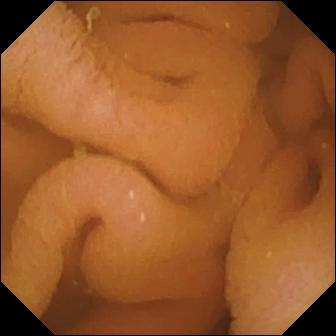Wireless capsule endoscopy still of the small bowel showing normal clean mucosa.